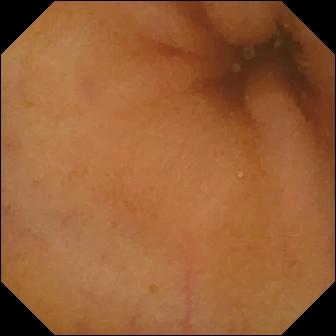Small-bowel capsule endoscopy snapshot. Normal clean mucosa.